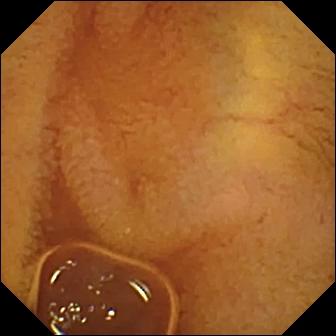{"modality": "capsule endoscopy", "segment": "small bowel", "finding": "normal clean mucosa"}